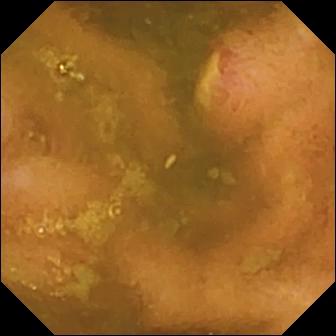VCE frame, 336×336. Ulcer.